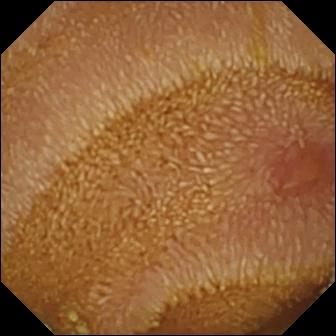Erosion — video capsule endoscopy still.